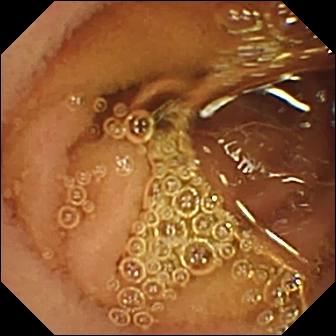Video capsule endoscopy still (small bowel). Normal clean mucosa.